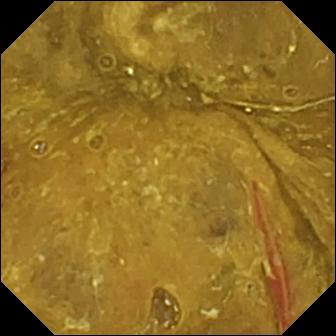Ileo-cecal valve region.